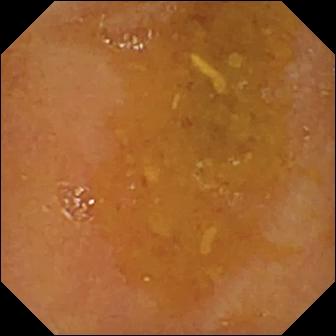- modality: VCE
- category: luminal finding
- observation: reduced mucosal view (content or bubbles obscuring the mucosa)